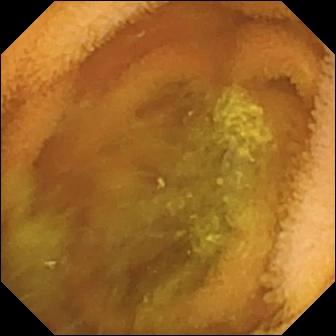Normal clean mucosa — WCE view.